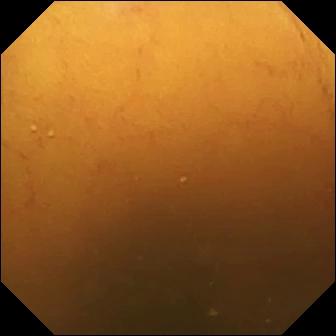modality: video capsule endoscopy | observation: normal clean mucosa